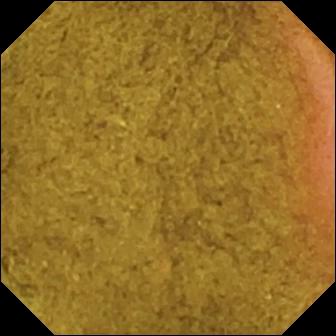Ileo-cecal valve region (the transition from the small bowel to the large bowel) — wireless capsule endoscopy view.